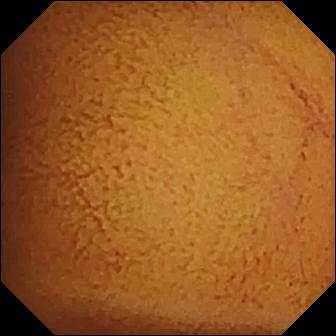Normal clean mucosa.